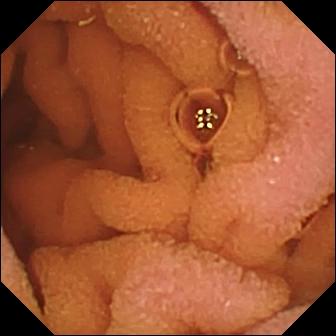This WCE still shows normal clean mucosa.